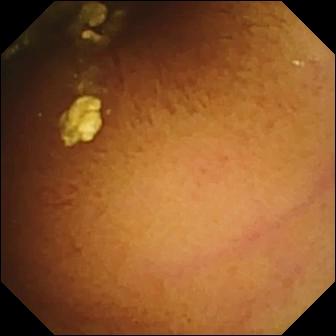Capsule endoscopy view. Normal clean mucosa.